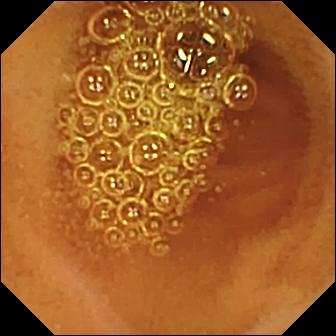Q: What does this small-bowel capsule endoscopy snapshot show?
A: Normal clean mucosa.